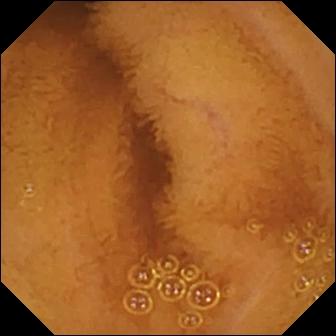WCE snapshot showing normal clean mucosa.